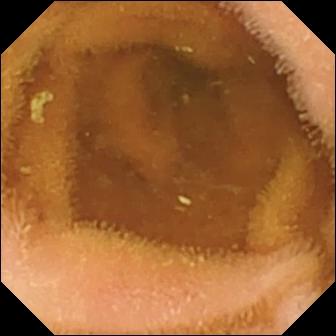Capsule endoscopy snapshot (small intestine). Normal clean mucosa.